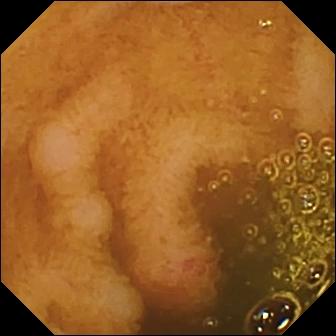Erosion.